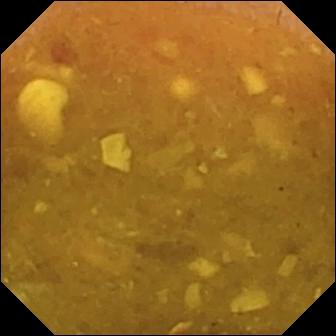{"modality": "capsule endoscopy", "segment": "small bowel", "finding": "reduced mucosal view (content or bubbles obscuring the mucosa)"}